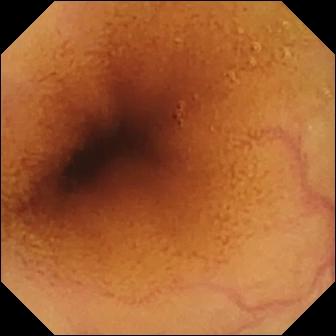Normal clean mucosa — video capsule endoscopy snapshot.